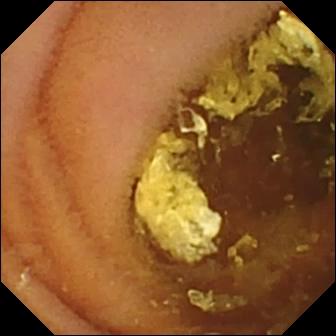WCE. Small bowel. Observation: normal clean mucosa.